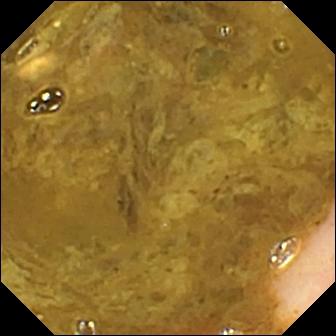Capsule endoscopy frame taken in the ileo-cecal valve region (the transition from the small bowel to the large bowel).